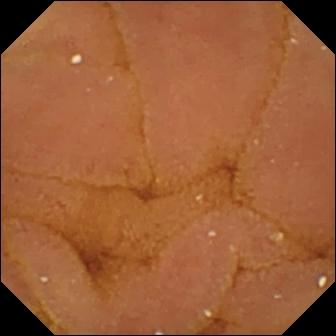VCE snapshot showing normal clean mucosa.